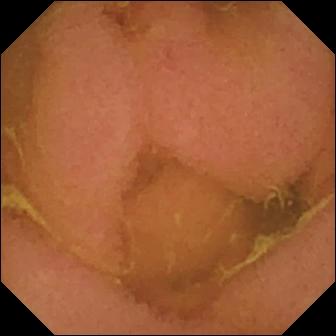Normal clean mucosa.